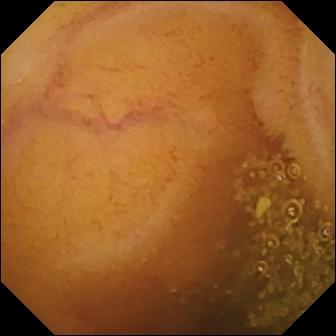VCE frame, 336×336. Normal clean mucosa.